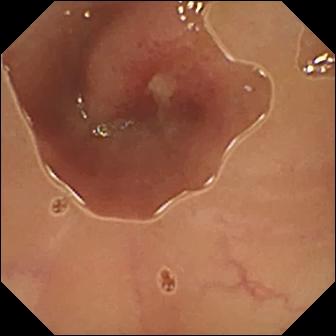VCE view, 336×336. Ulcer.